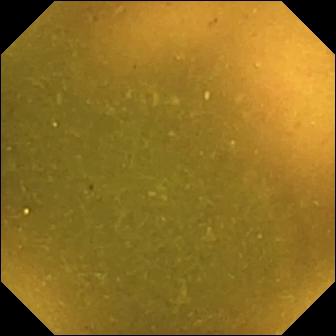WCE. Label: ileo-cecal valve region (the transition from the small bowel to the large bowel).